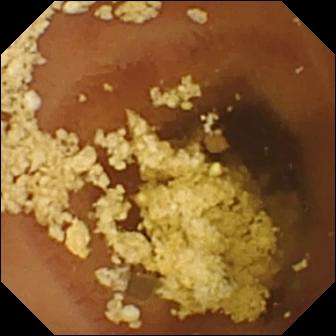{"modality": "WCE", "segment": "small intestine", "finding": "normal clean mucosa"}